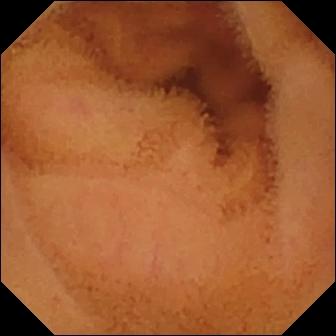Video capsule endoscopy frame. Normal clean mucosa.